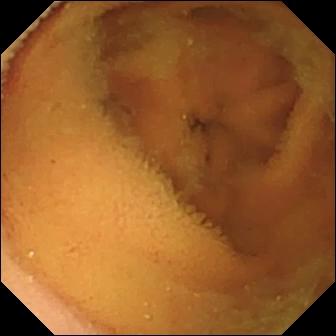Normal clean mucosa — VCE snapshot of the small bowel.